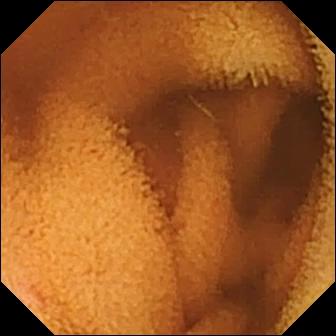VCE image of the small bowel showing normal clean mucosa.